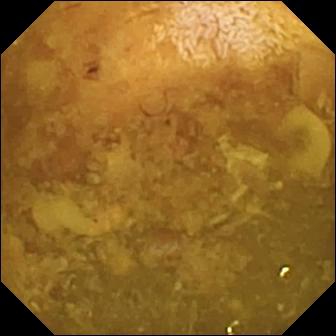Video capsule endoscopy image. Reduced mucosal view (content or bubbles obscuring the mucosa).